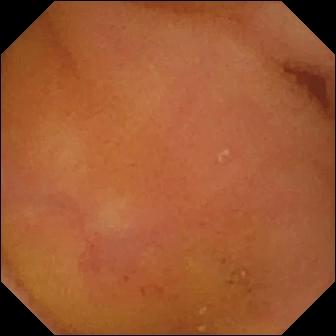This WCE snapshot of the small intestine shows normal clean mucosa.